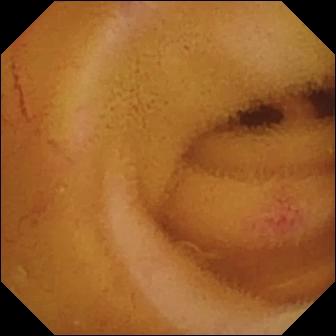VCE — angiectasia.